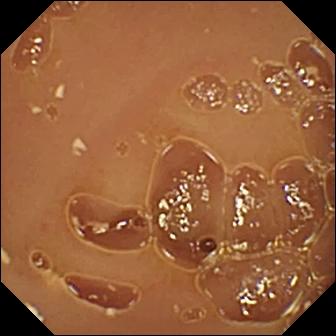Q: What does this wireless capsule endoscopy snapshot of the small intestine show?
A: Normal clean mucosa.